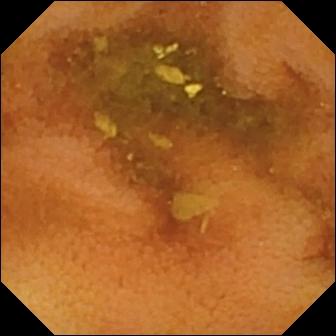VCE frame (small bowel). Normal clean mucosa.